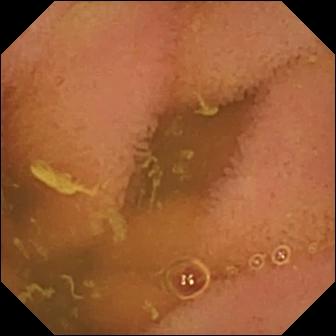VCE still, small bowel
Observation: normal clean mucosa